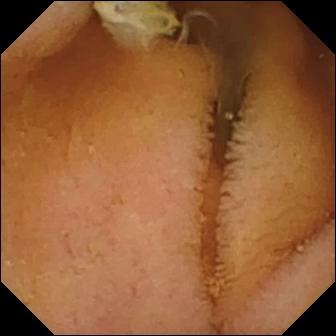- modality: VCE
- impression: normal clean mucosa